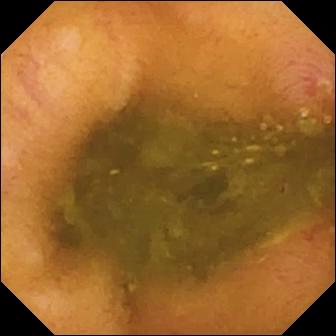PROCEDURE: VCE.
FINDINGS: Erosion.